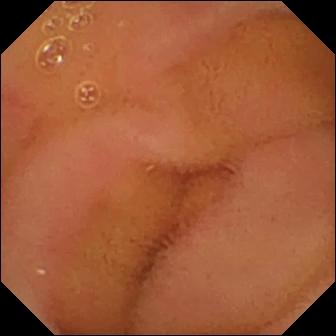PROCEDURE: Capsule endoscopy.
SEGMENT: Small bowel.
FINDINGS: Normal clean mucosa.